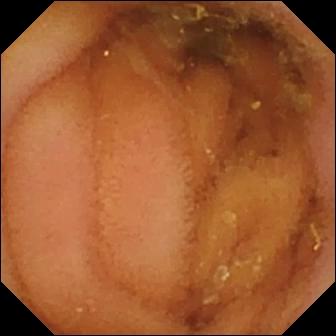WCE image of the small intestine showing normal clean mucosa.